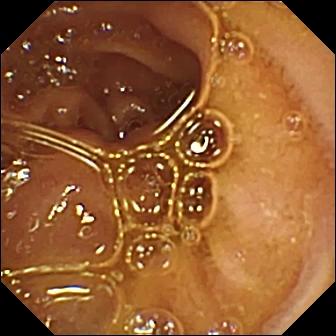Q: What does this WCE frame show?
A: Normal clean mucosa.